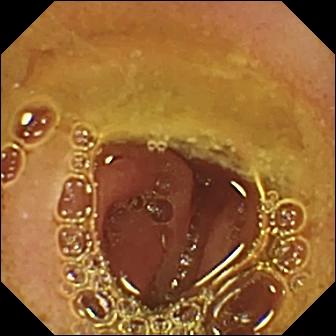WCE image showing normal clean mucosa.